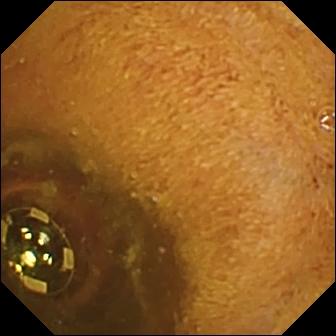Small-bowel capsule endoscopy image
Label: foreign body (e.g. retained capsule, tablet residue)